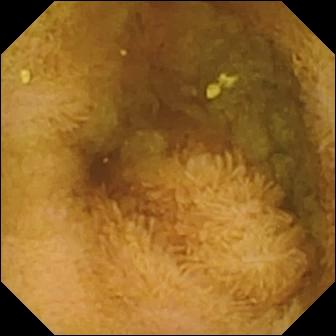modality: capsule endoscopy
impression: normal clean mucosa